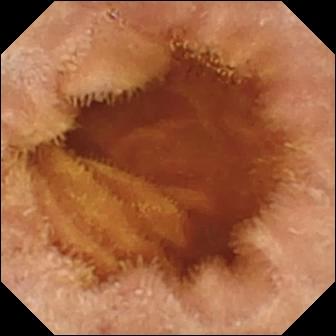Video capsule endoscopy view (small intestine), 336×336. Normal clean mucosa.